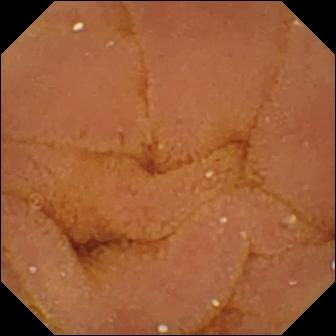PROCEDURE: Capsule endoscopy.
SEGMENT: Small bowel.
FINDINGS: Normal clean mucosa.